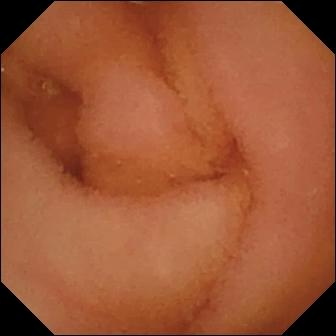Q: What does this small-bowel capsule endoscopy snapshot show?
A: Normal clean mucosa.